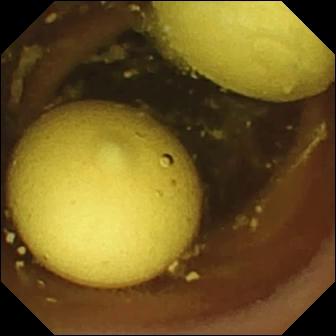PROCEDURE: Video capsule endoscopy.
FINDINGS: Foreign body (e.g. retained capsule, tablet residue).